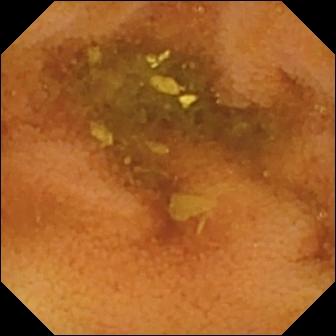This VCE still shows normal clean mucosa.